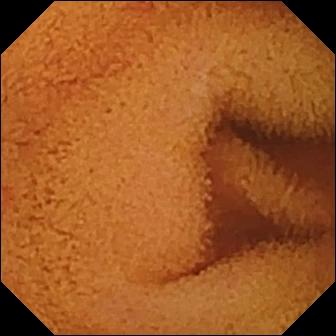Capsule endoscopy image. Normal clean mucosa.